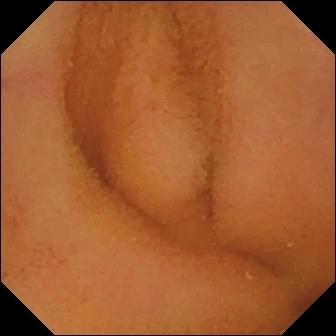Wireless capsule endoscopy frame. Normal clean mucosa.